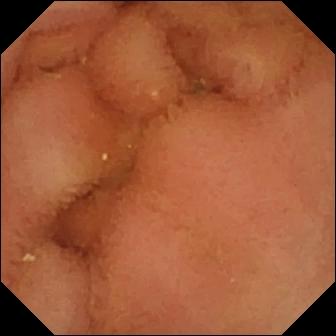VCE image of the small bowel showing normal clean mucosa.